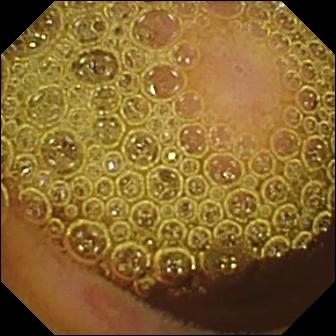PROCEDURE: WCE.
FINDINGS: Erosion.